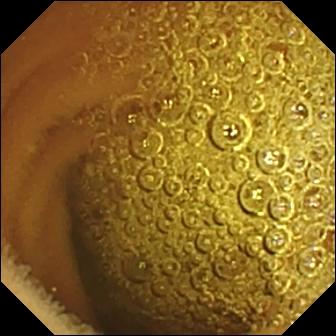PROCEDURE: VCE.
SEGMENT: Small bowel.
FINDINGS: Normal clean mucosa.